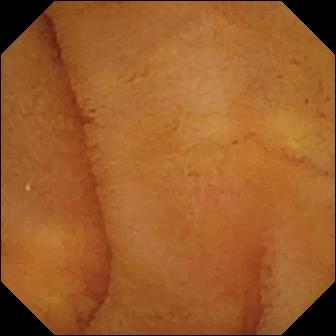Capsule endoscopy. Small intestine. Luminal finding. Observation: normal clean mucosa.